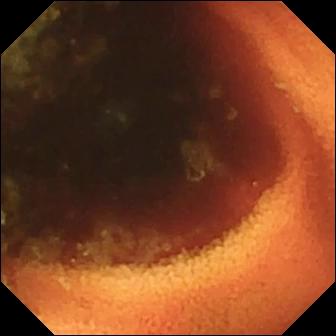Small-bowel capsule endoscopy — ileo-cecal valve region (where the capsule passes from the small bowel into the large bowel).